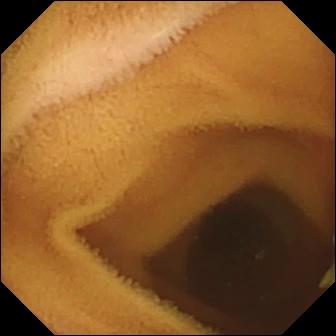Wireless capsule endoscopy — normal clean mucosa.